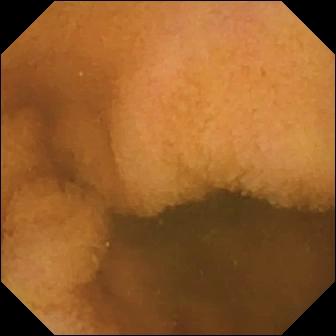Video capsule endoscopy image (small intestine). Normal clean mucosa.